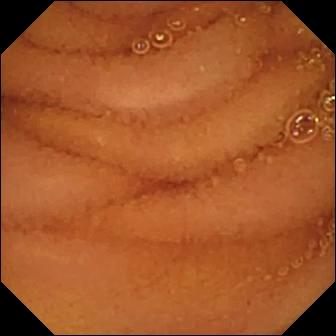Small-bowel capsule endoscopy — normal clean mucosa.